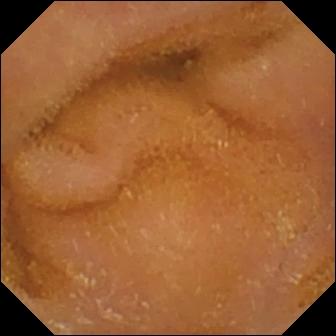{"modality": "wireless capsule endoscopy", "finding": "normal clean mucosa"}